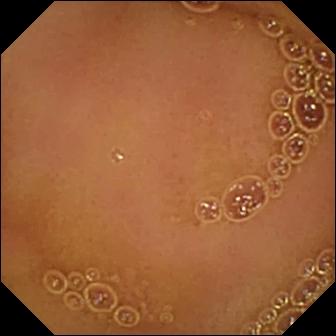This wireless capsule endoscopy image of the small intestine shows normal clean mucosa.